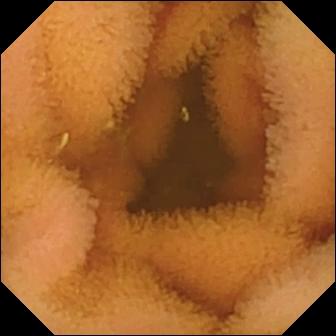VCE image, small intestine
Finding: normal clean mucosa